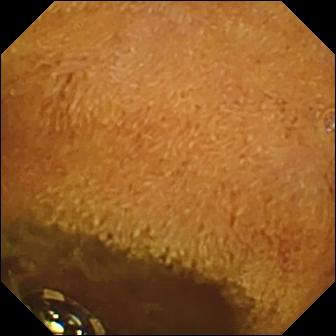Wireless capsule endoscopy frame showing foreign body (e.g. retained capsule, tablet residue).